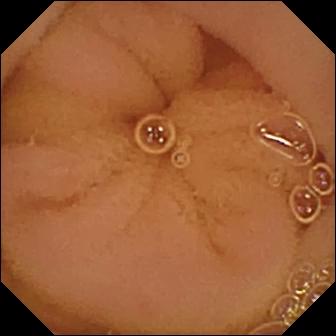Normal clean mucosa (336×336).